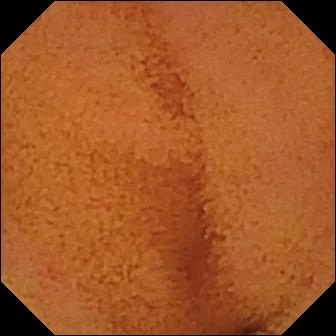Video capsule endoscopy snapshot showing normal clean mucosa.